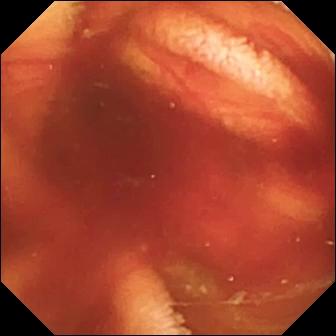modality: video capsule endoscopy; impression: fresh blood in the lumen